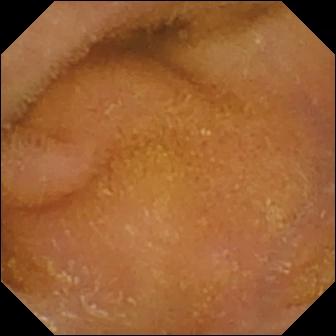{"modality": "small-bowel capsule endoscopy", "segment": "small intestine", "finding": "normal clean mucosa"}